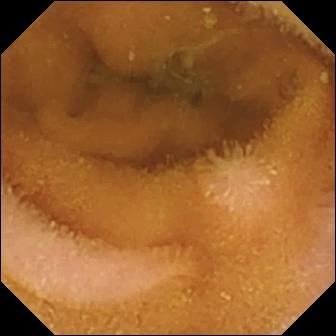modality: WCE | category: luminal finding | impression: normal clean mucosa